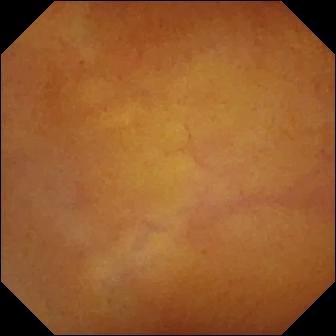Normal clean mucosa.